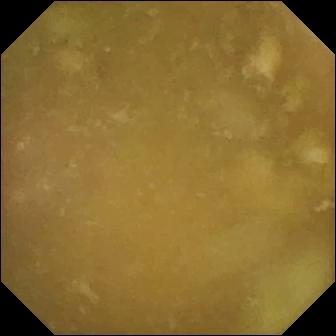Capsule endoscopy — ileo-cecal valve region (the transition from the small bowel to the large bowel).